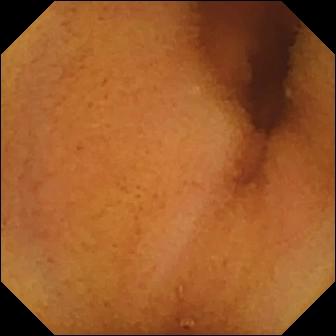Small-bowel capsule endoscopy still, small intestine
Label: normal clean mucosa